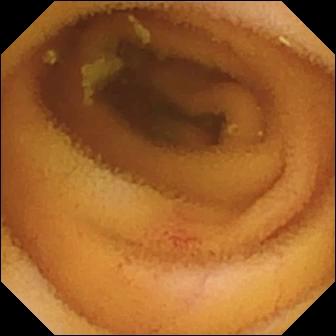Capsule endoscopy view. Angiectasia.